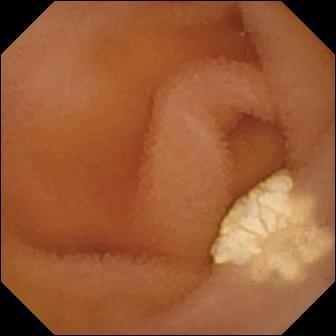Wireless capsule endoscopy. Label: lymphangiectasia.